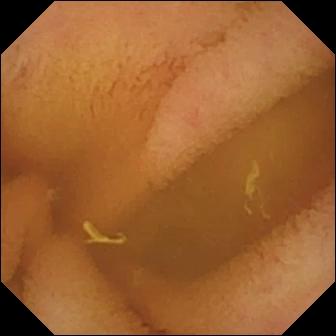This wireless capsule endoscopy image shows normal clean mucosa.